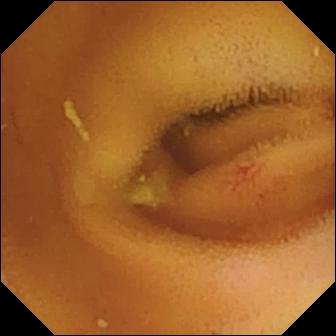Angiectasia — video capsule endoscopy snapshot.